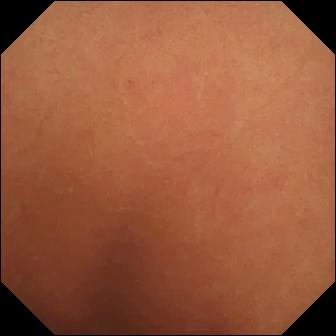Normal clean mucosa.